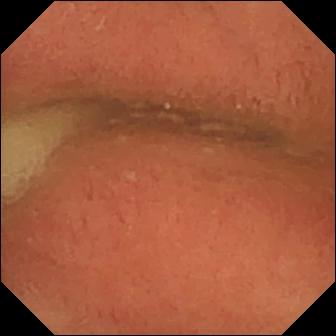This VCE frame was taken in the pylorus region (the junction between the stomach and the small bowel).